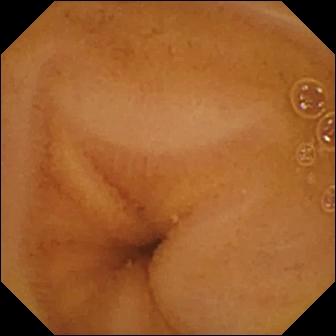modality: VCE
segment: small bowel
finding: normal clean mucosa